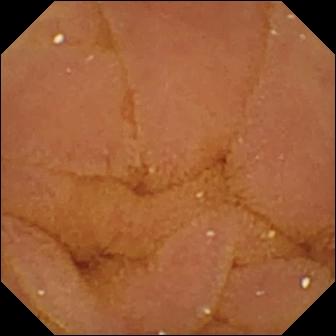This wireless capsule endoscopy frame of the small intestine shows normal clean mucosa.